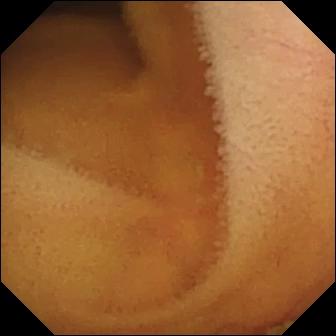VCE. Label: normal clean mucosa.